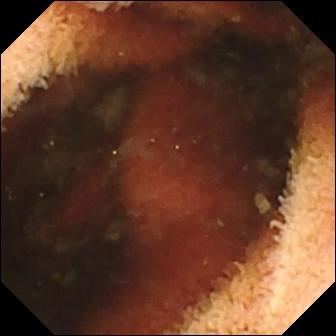Capsule endoscopy. Label: fresh blood in the lumen.